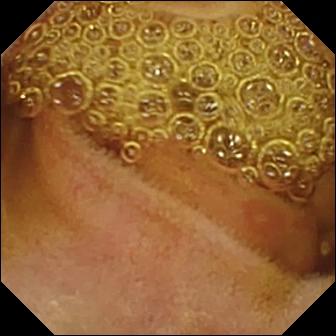This wireless capsule endoscopy image shows erosion.